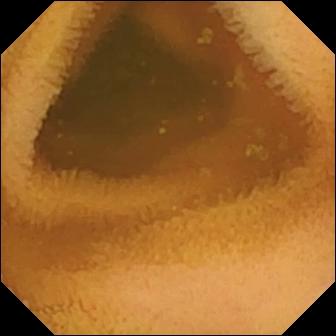Normal clean mucosa.